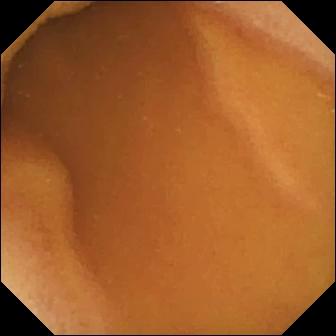Q: What does this VCE frame of the small bowel show?
A: Normal clean mucosa.